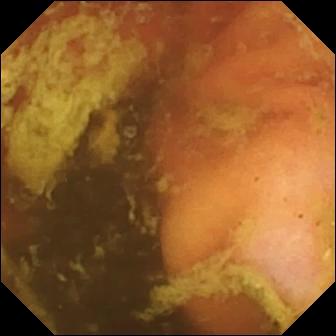modality: video capsule endoscopy
location: ileo-cecal valve region